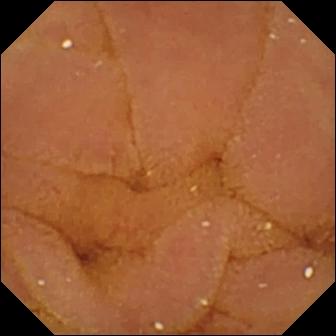Q: What does this capsule endoscopy view of the small intestine show?
A: Normal clean mucosa.